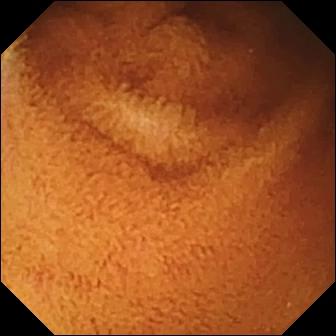WCE still (small intestine). Normal clean mucosa.